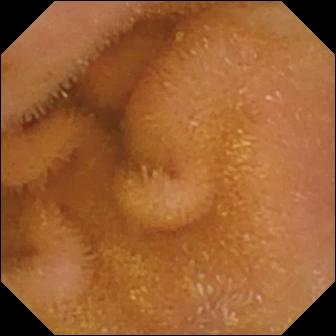Normal clean mucosa — capsule endoscopy view.